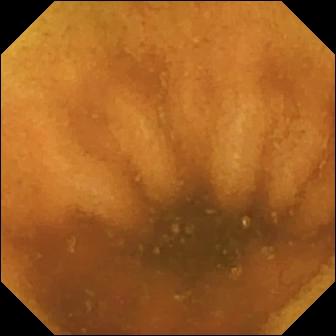modality: video capsule endoscopy
impression: normal clean mucosa